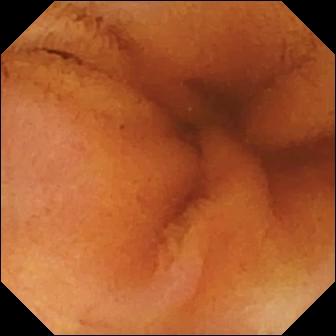This small-bowel capsule endoscopy snapshot shows normal clean mucosa.